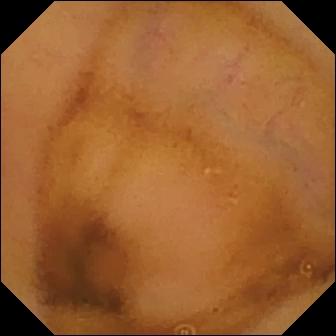- modality: video capsule endoscopy
- segment: small intestine
- impression: normal clean mucosa